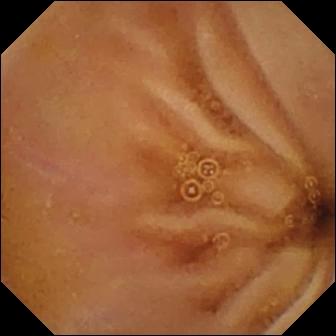VCE frame of the small intestine showing normal clean mucosa.